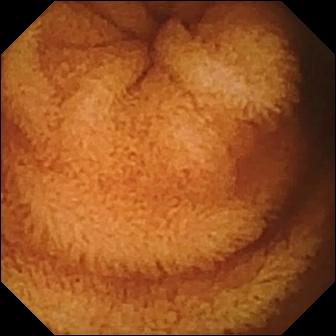Q: What does this small-bowel capsule endoscopy image of the small intestine show?
A: Normal clean mucosa.